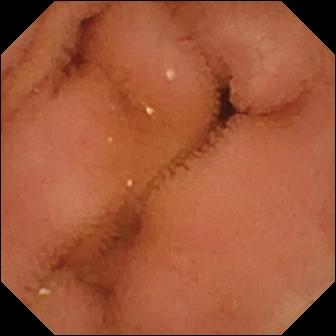Normal clean mucosa.